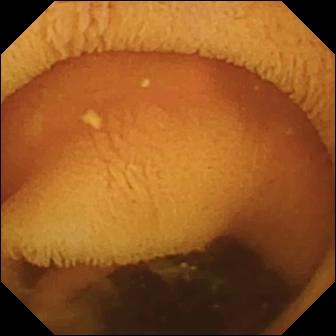PROCEDURE: Small-bowel capsule endoscopy.
FINDINGS: Normal clean mucosa.